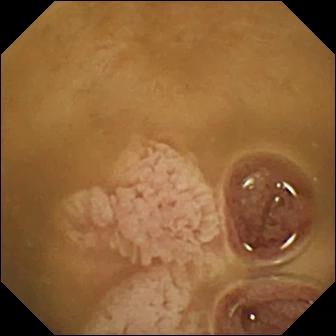- modality: WCE
- category: anatomical landmark
- location: ileo-cecal valve region (the transition from the small bowel to the large bowel)